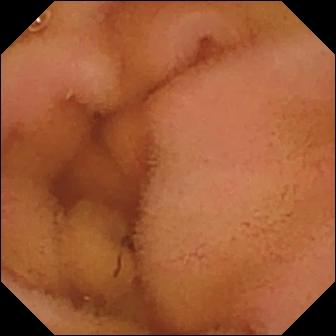{"modality": "video capsule endoscopy", "segment": "small bowel", "finding": "normal clean mucosa"}